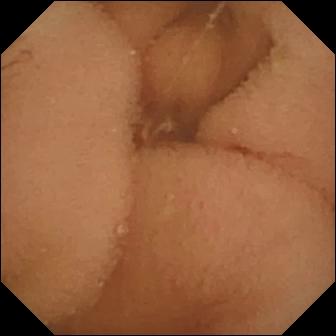Q: What does this VCE snapshot of the small bowel show?
A: Normal clean mucosa.